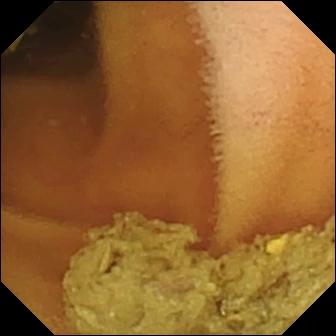VCE view (small intestine). Normal clean mucosa.